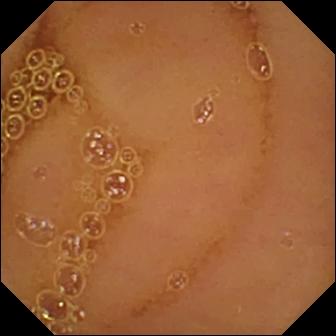Q: What does this small-bowel capsule endoscopy still of the small intestine show?
A: Normal clean mucosa.